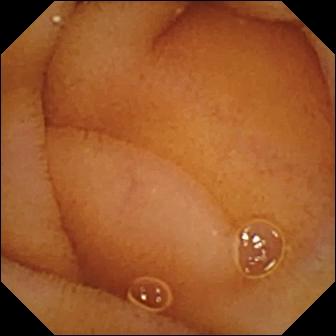PROCEDURE: Wireless capsule endoscopy.
SEGMENT: Small intestine.
FINDINGS: Normal clean mucosa.